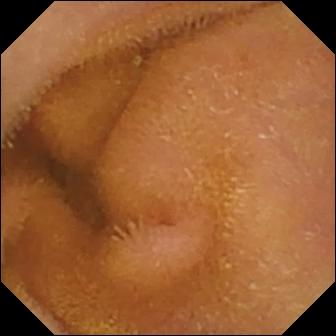Video capsule endoscopy. Finding: normal clean mucosa.